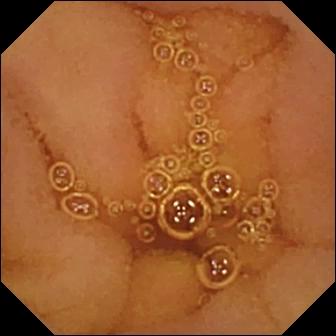Wireless capsule endoscopy view, small bowel
Observation: normal clean mucosa